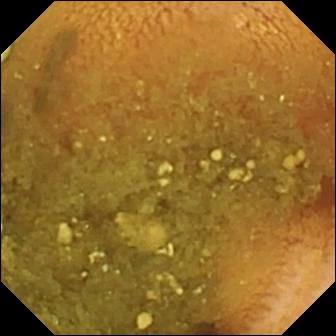Small-bowel capsule endoscopy image of the small bowel showing reduced mucosal view (content or bubbles obscuring the mucosa).